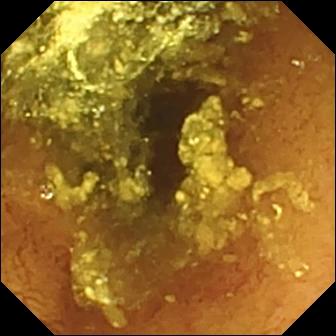Q: What does this wireless capsule endoscopy image show?
A: Normal clean mucosa.